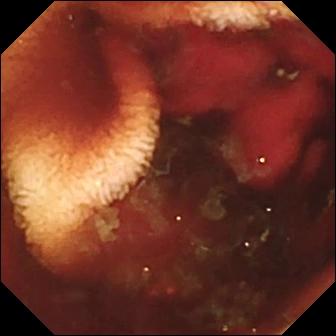- modality: video capsule endoscopy
- impression: fresh blood in the lumen